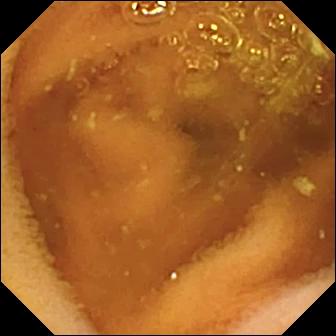Normal clean mucosa — wireless capsule endoscopy image of the small intestine.